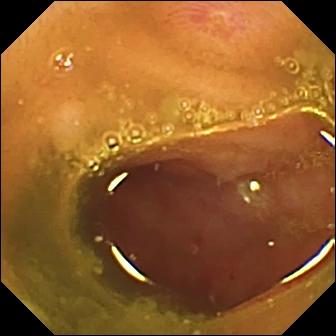Q: What does this capsule endoscopy frame show?
A: Ulcer.